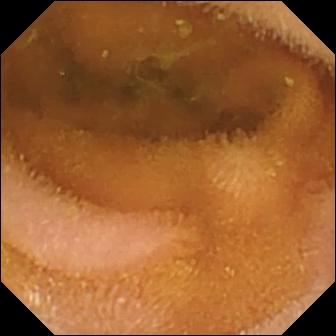- modality: video capsule endoscopy
- segment: small intestine
- label: normal clean mucosa